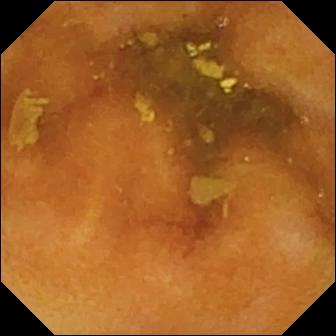modality: capsule endoscopy
category: luminal finding
finding: normal clean mucosa